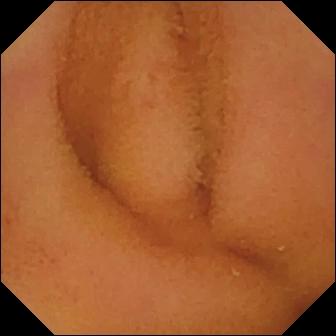Normal clean mucosa — wireless capsule endoscopy frame of the small bowel.